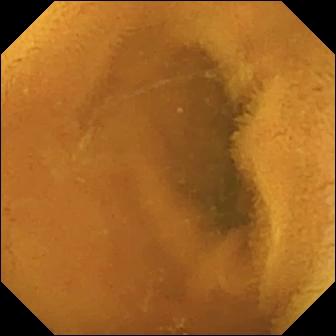VCE image. Normal clean mucosa.